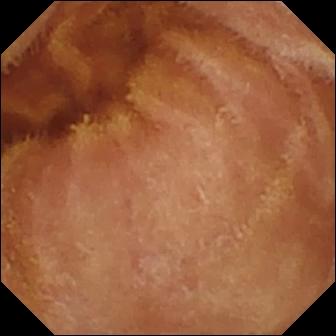Normal clean mucosa — small-bowel capsule endoscopy view of the small bowel.